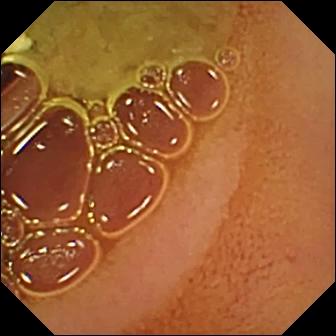- modality: wireless capsule endoscopy
- label: normal clean mucosa